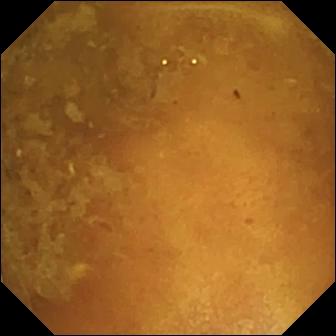Reduced mucosal view (content or bubbles obscuring the mucosa).